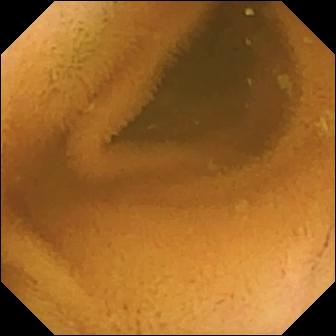Normal clean mucosa — capsule endoscopy view.